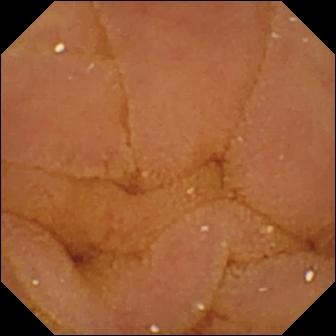Capsule endoscopy snapshot, small bowel
Impression: normal clean mucosa